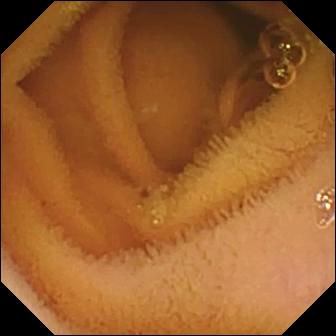{"modality": "small-bowel capsule endoscopy", "finding": "normal clean mucosa"}